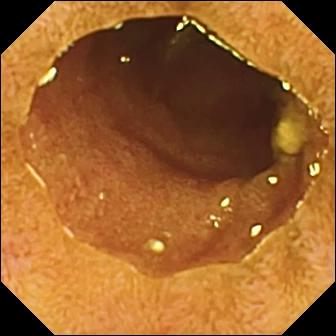Capsule endoscopy. Near an anatomical landmark. Video segment: ileo-cecal valve region (the transition from the small bowel to the large bowel).